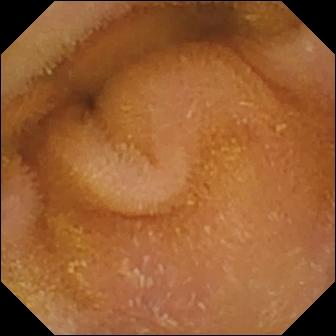- modality: WCE
- segment: small intestine
- label: normal clean mucosa